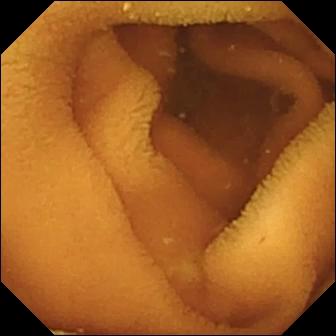WCE view showing normal clean mucosa.